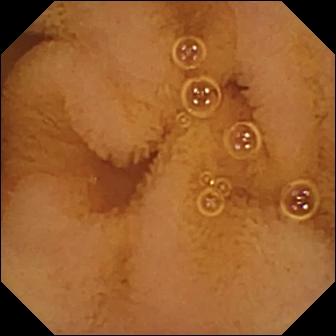modality: video capsule endoscopy | segment: small intestine | category: luminal finding | impression: normal clean mucosa